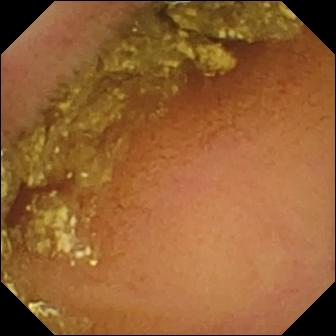WCE image. Normal clean mucosa.